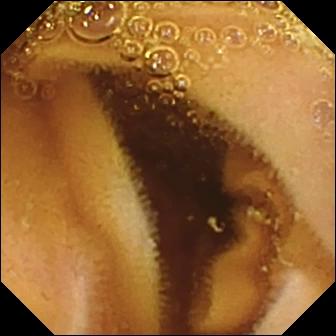{"modality": "VCE", "finding": "normal clean mucosa"}